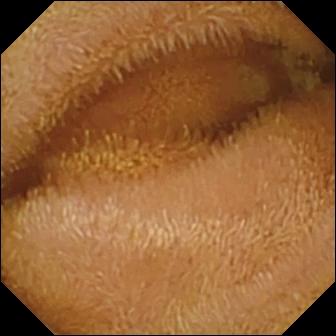Video capsule endoscopy. Luminal finding. Observation: normal clean mucosa.